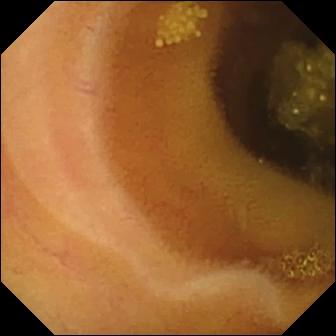WCE. Observation: lymphangiectasia.